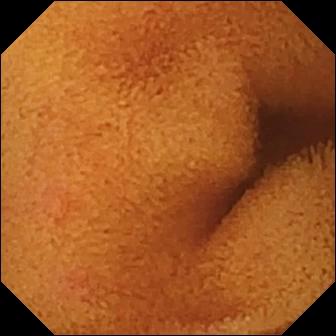PROCEDURE: Small-bowel capsule endoscopy.
SEGMENT: Small intestine.
FINDINGS: Normal clean mucosa.